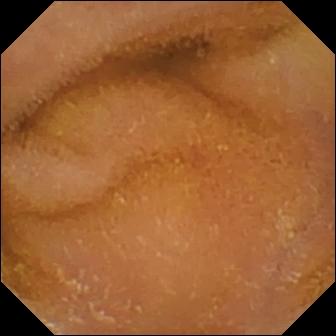Wireless capsule endoscopy. Small bowel. Impression: normal clean mucosa.